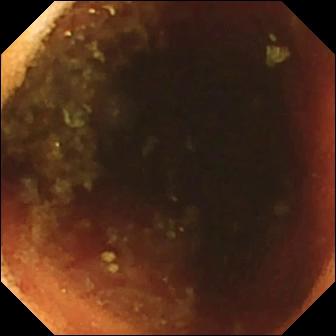modality: WCE | category: anatomical landmark | label: ileo-cecal valve region (the transition from the small bowel to the large bowel)